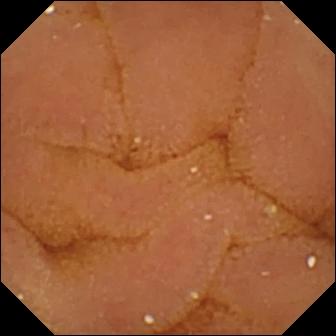Wireless capsule endoscopy still
Observation: normal clean mucosa